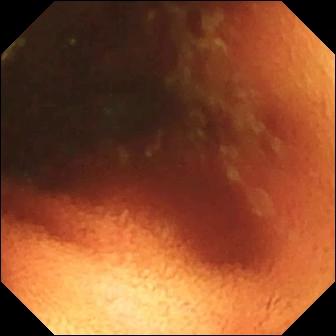- modality: VCE
- video segment: ileo-cecal valve region